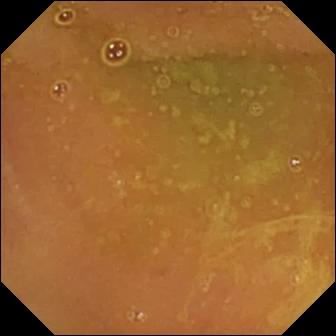- modality: small-bowel capsule endoscopy
- segment: small intestine
- category: luminal finding
- impression: normal clean mucosa